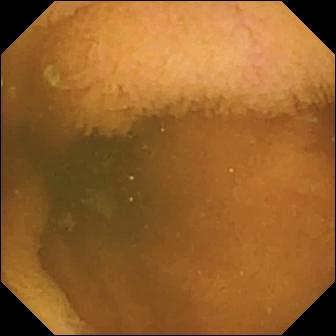Normal clean mucosa.